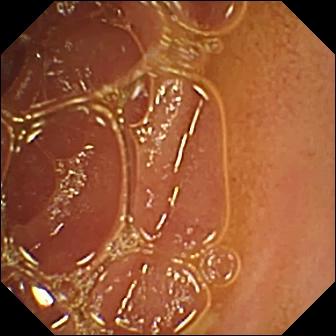This capsule endoscopy still of the small bowel shows normal clean mucosa.